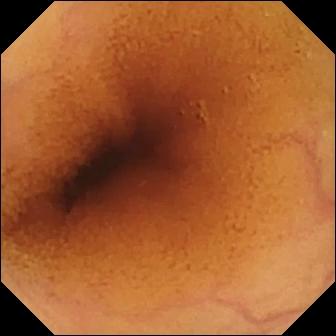Small-bowel capsule endoscopy. Impression: normal clean mucosa.